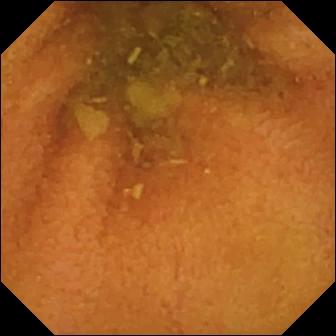Capsule endoscopy — normal clean mucosa.